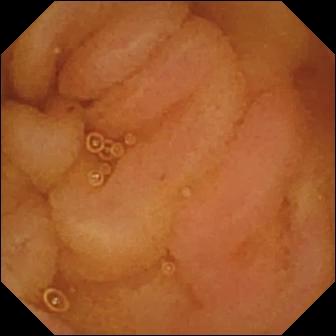- modality: VCE
- label: normal clean mucosa